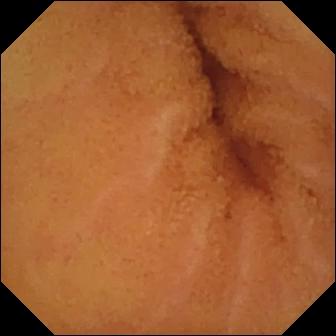This small-bowel capsule endoscopy view shows normal clean mucosa.